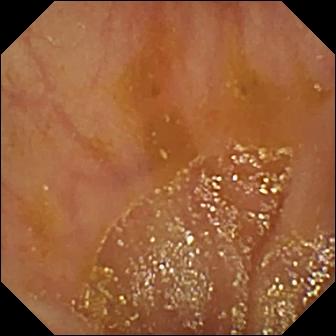VCE view
Label: ileo-cecal valve region